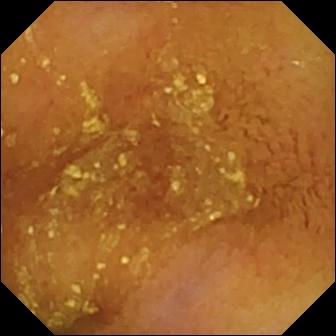PROCEDURE: Wireless capsule endoscopy.
FINDINGS: Normal clean mucosa.